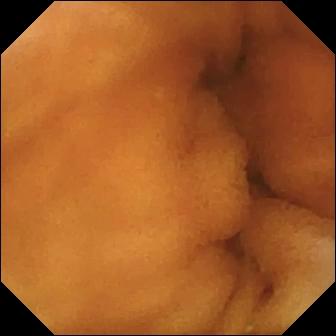- modality: wireless capsule endoscopy
- impression: normal clean mucosa